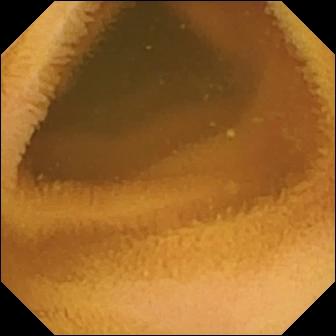Normal clean mucosa (336×336).